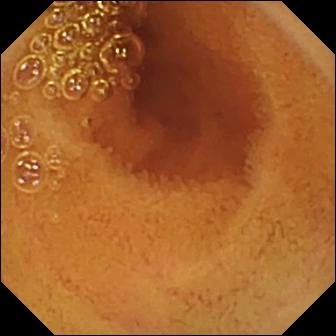- modality: WCE
- segment: small intestine
- category: luminal finding
- label: normal clean mucosa